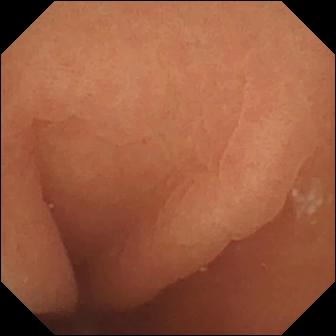VCE. Label: normal clean mucosa.